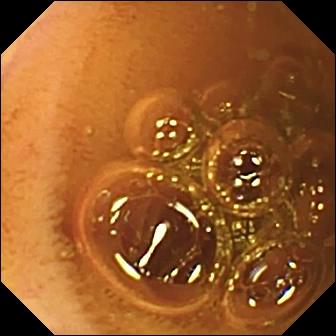Normal clean mucosa — VCE frame of the small intestine.